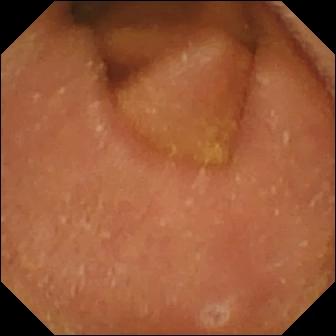Q: What does this video capsule endoscopy frame of the small intestine show?
A: Normal clean mucosa.